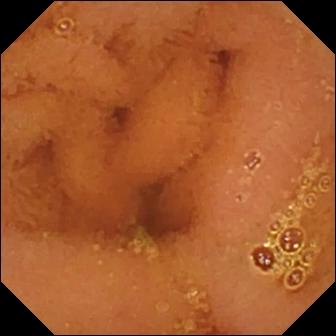- modality: small-bowel capsule endoscopy
- label: normal clean mucosa